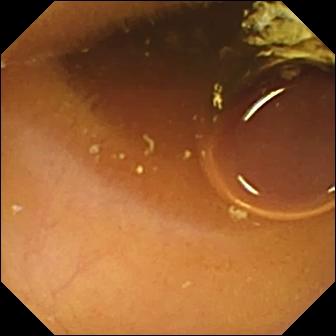Capsule endoscopy still of the small intestine showing normal clean mucosa.